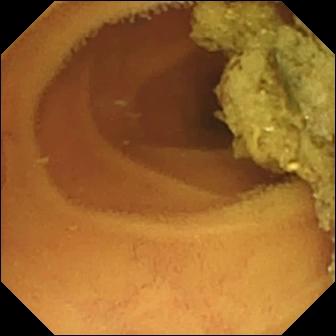Normal clean mucosa.